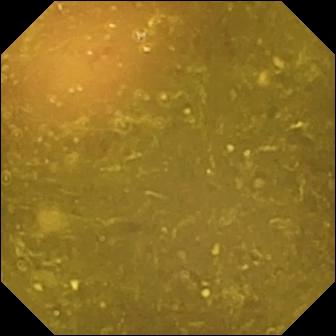{"modality": "small-bowel capsule endoscopy", "segment": "small intestine", "finding": "reduced mucosal view (content or bubbles obscuring the mucosa)"}